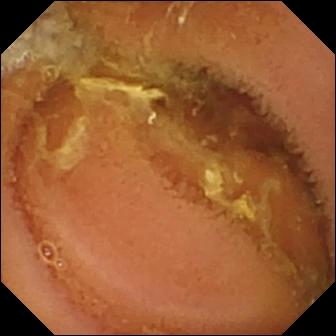modality: VCE
segment: small bowel
observation: normal clean mucosa